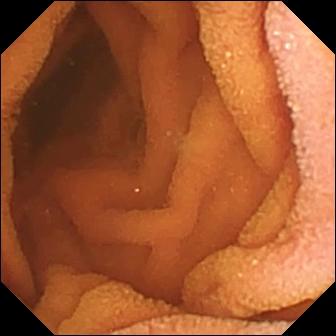modality: VCE | segment: small bowel | label: normal clean mucosa